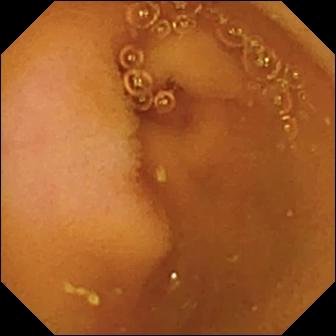Capsule endoscopy still
Finding: normal clean mucosa